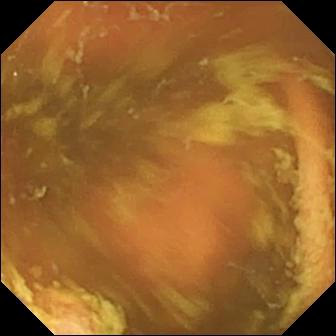WCE view taken in the ileo-cecal valve region (where the capsule passes from the small bowel into the large bowel).